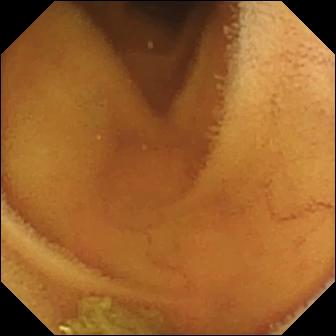Small-bowel capsule endoscopy view, small intestine
Label: normal clean mucosa